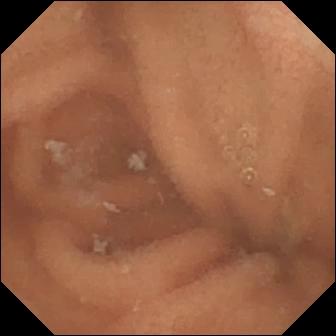{"modality": "WCE", "segment": "small bowel", "finding": "normal clean mucosa"}